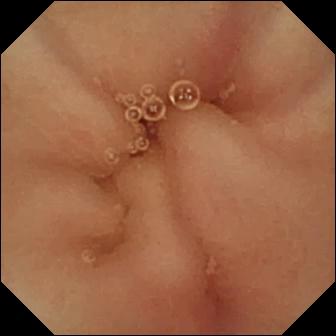- modality: wireless capsule endoscopy
- location: pylorus region (where the capsule passes from the stomach into the small bowel)